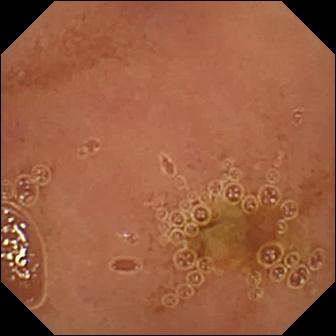Normal clean mucosa — WCE snapshot of the small intestine.